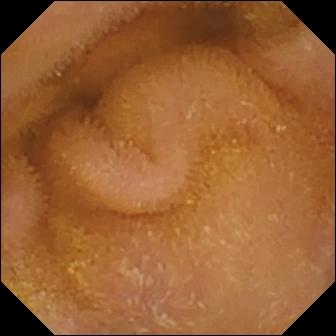Wireless capsule endoscopy. Small intestine. Luminal finding. Finding: normal clean mucosa.